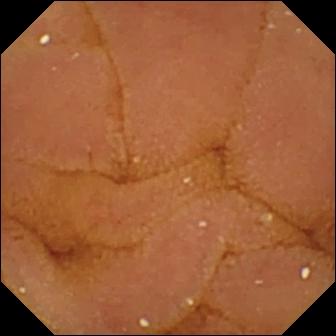PROCEDURE: WCE.
FINDINGS: Normal clean mucosa.